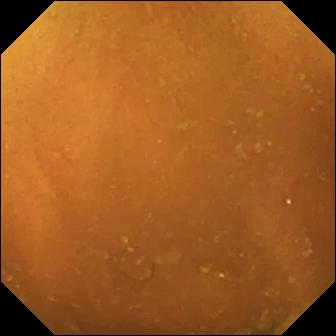Small-bowel capsule endoscopy view of the small bowel showing normal clean mucosa.